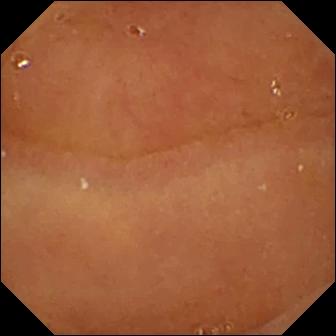PROCEDURE: Capsule endoscopy.
FINDINGS: Normal clean mucosa.